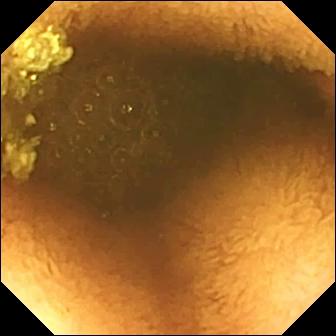Video capsule endoscopy — reduced mucosal view (content or bubbles obscuring the mucosa).